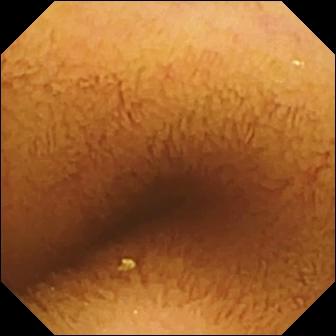PROCEDURE: Small-bowel capsule endoscopy.
SEGMENT: Small intestine.
FINDINGS: Normal clean mucosa.